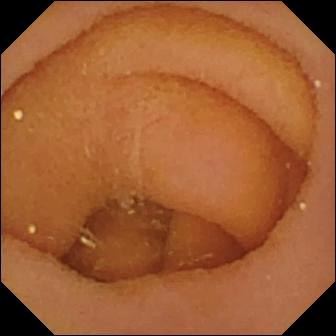Pylorus region.